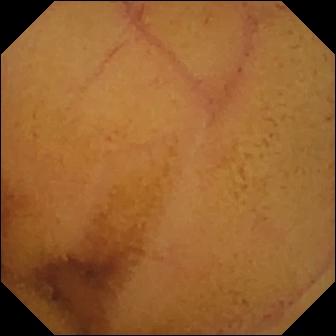PROCEDURE: VCE.
FINDINGS: Normal clean mucosa.